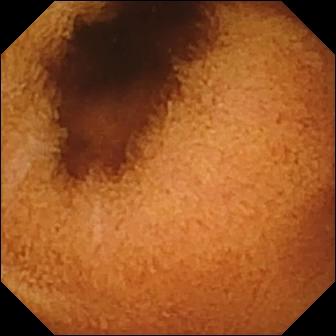Normal clean mucosa.